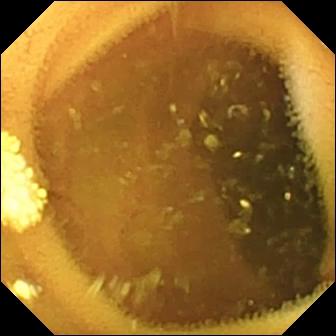- modality: video capsule endoscopy
- category: luminal finding
- observation: lymphangiectasia